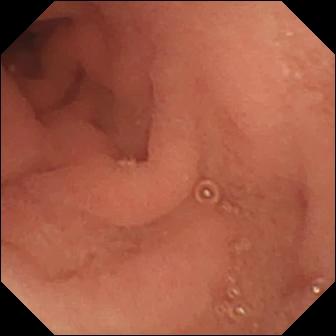PROCEDURE: Wireless capsule endoscopy.
LABEL: Pylorus region (where the capsule passes from the stomach into the small bowel).